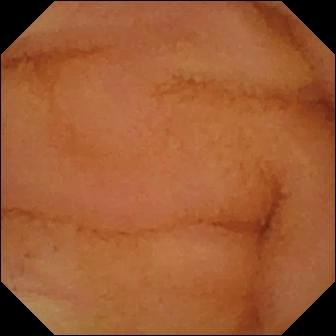- modality: capsule endoscopy
- segment: small intestine
- finding: normal clean mucosa